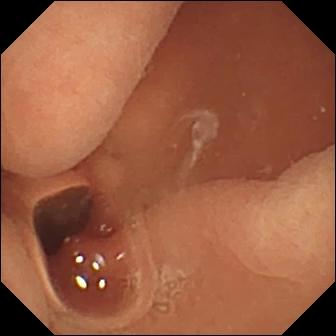{"modality": "capsule endoscopy", "finding": "normal clean mucosa"}